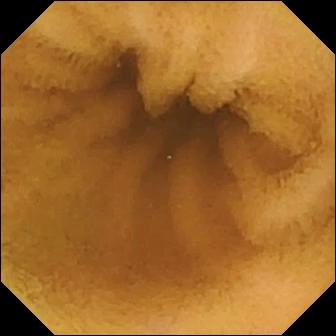{"modality": "WCE", "category": "luminal finding", "finding": "normal clean mucosa"}